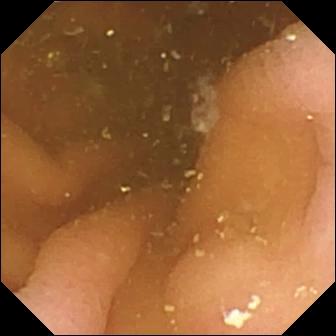modality: video capsule endoscopy | category: anatomical landmark | location: pylorus region